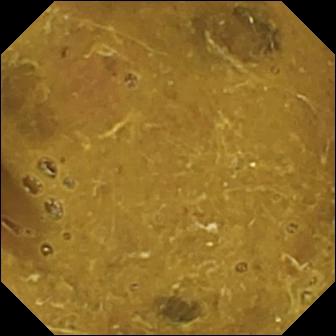VCE frame, 336×336. Taken in the ileo-cecal valve region.